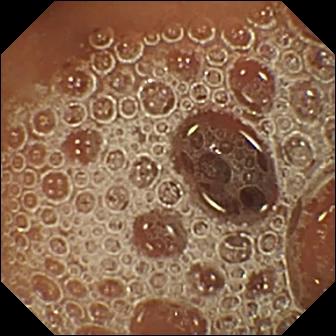modality: capsule endoscopy
observation: normal clean mucosa